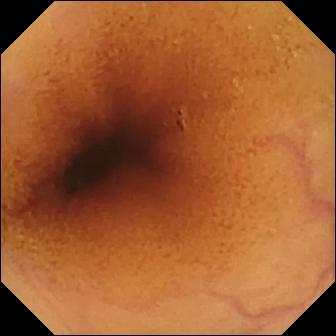VCE image
Observation: normal clean mucosa